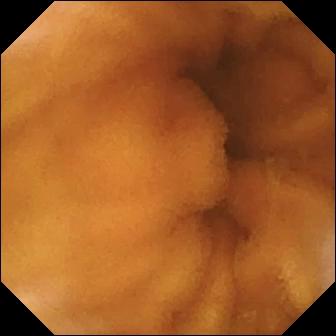VCE still showing normal clean mucosa.